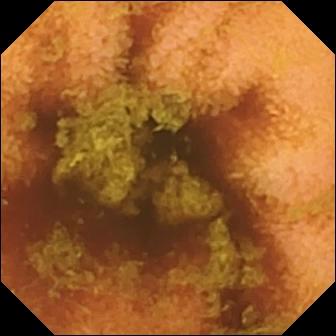Wireless capsule endoscopy image
Finding: normal clean mucosa